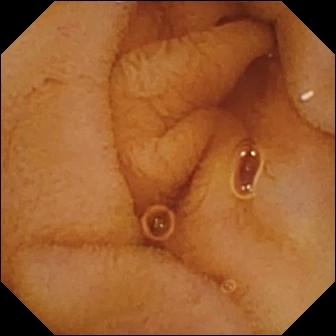Capsule endoscopy snapshot (small bowel). Normal clean mucosa.